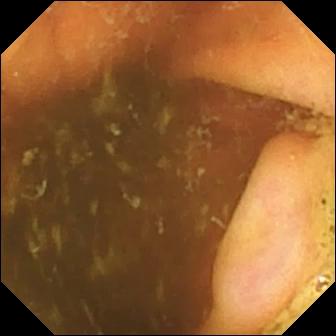VCE snapshot. Taken in the ileo-cecal valve region (where the capsule passes from the small bowel into the large bowel).